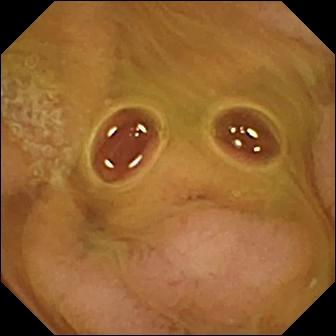modality: capsule endoscopy; segment: small bowel; finding: normal clean mucosa